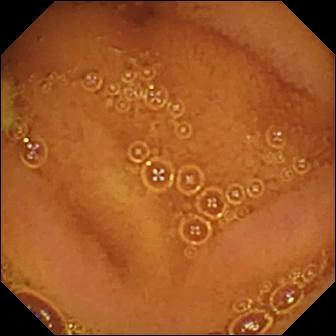This capsule endoscopy image shows normal clean mucosa.